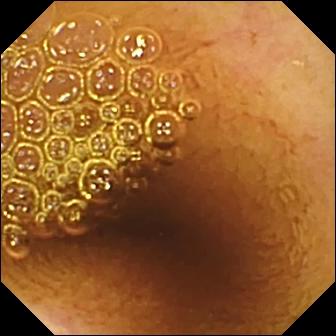Normal clean mucosa — small-bowel capsule endoscopy frame.